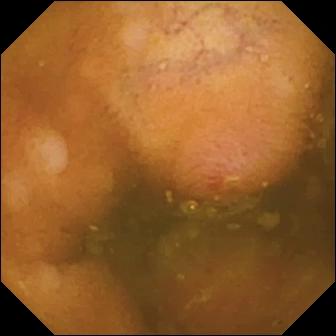Wireless capsule endoscopy. Luminal finding. Observation: erosion.